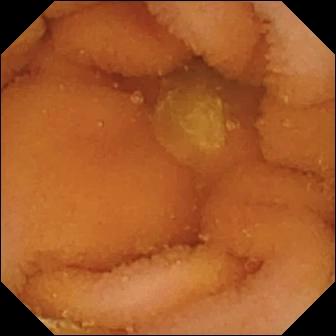Q: What does this WCE frame show?
A: Normal clean mucosa.